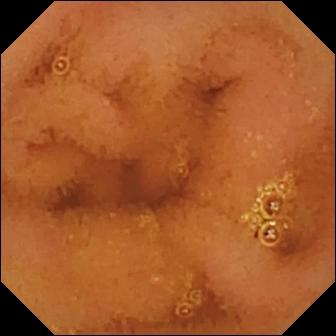modality: wireless capsule endoscopy; category: luminal finding; label: normal clean mucosa